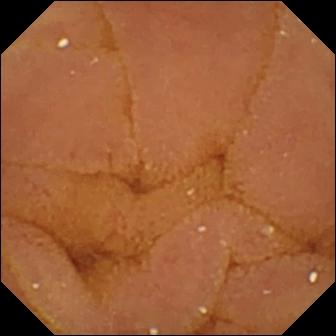PROCEDURE: Capsule endoscopy.
SEGMENT: Small bowel.
FINDINGS: Normal clean mucosa.